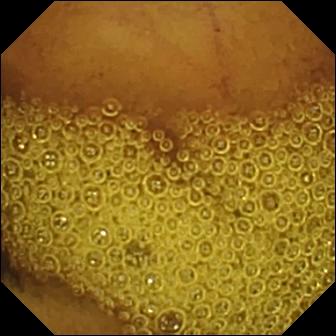Q: What does this wireless capsule endoscopy still show?
A: Normal clean mucosa.